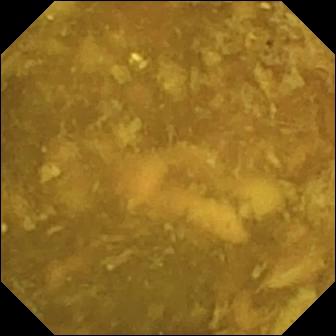WCE image, small intestine
Impression: reduced mucosal view (content or bubbles obscuring the mucosa)